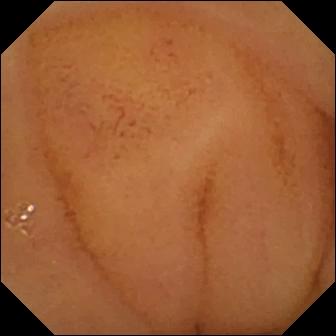WCE image. Normal clean mucosa.